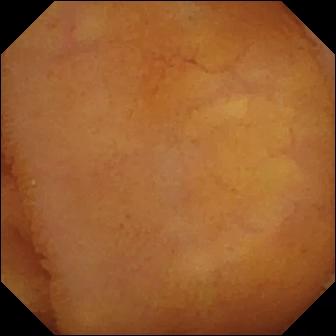Wireless capsule endoscopy frame
Observation: normal clean mucosa